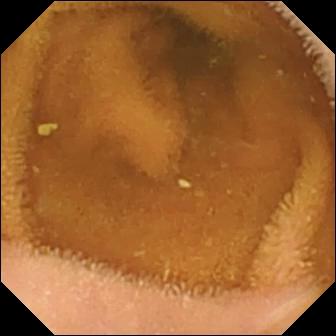- modality: capsule endoscopy
- category: luminal finding
- finding: normal clean mucosa